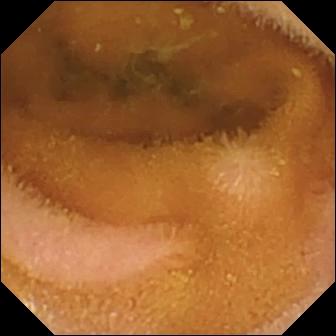Q: What does this VCE still show?
A: Normal clean mucosa.